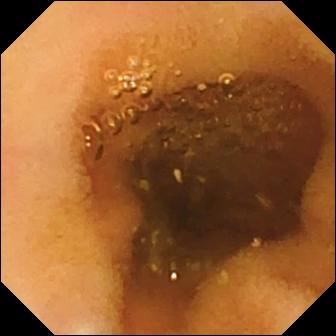Small-bowel capsule endoscopy — normal clean mucosa.